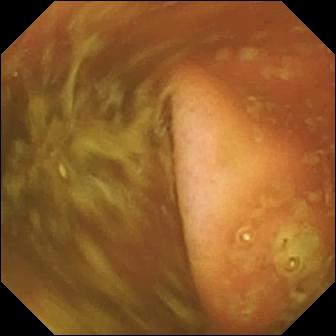WCE. Label: ileo-cecal valve region.